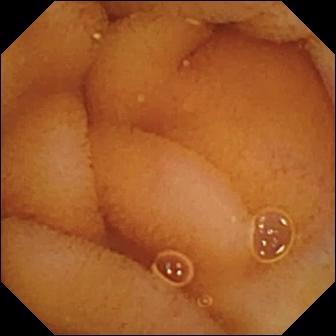Normal clean mucosa.